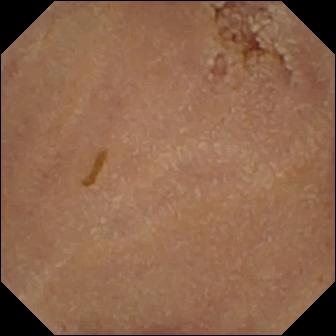Capsule endoscopy — normal clean mucosa.